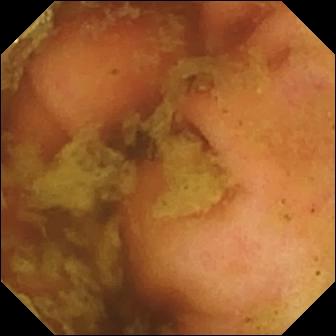Video capsule endoscopy image. Taken in the ileo-cecal valve region.